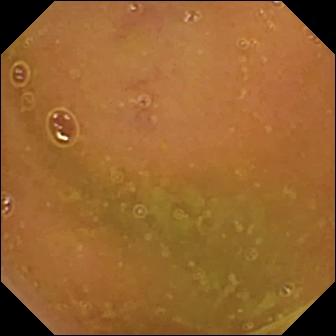This wireless capsule endoscopy snapshot shows normal clean mucosa.